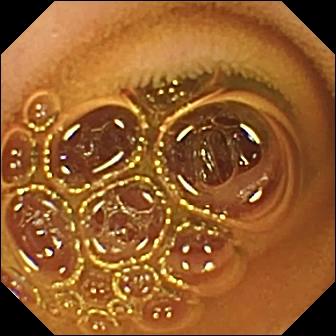PROCEDURE: Small-bowel capsule endoscopy.
SEGMENT: Small bowel.
FINDINGS: Normal clean mucosa.